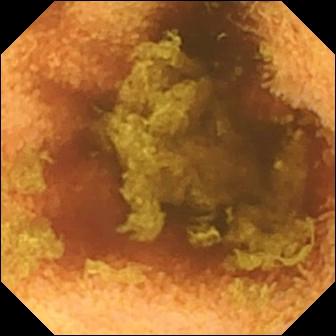Wireless capsule endoscopy. Small bowel. Impression: normal clean mucosa.